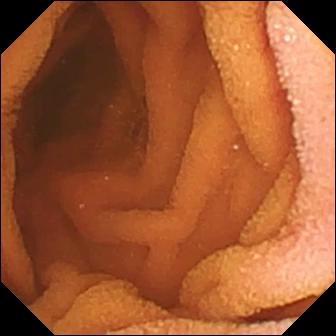Small-bowel capsule endoscopy. Small intestine. Luminal finding. Impression: normal clean mucosa.